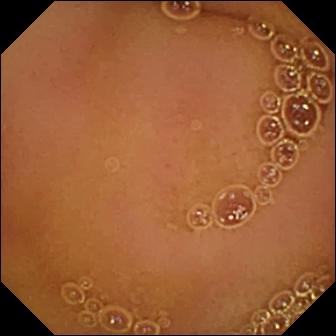This video capsule endoscopy still of the small intestine shows normal clean mucosa.